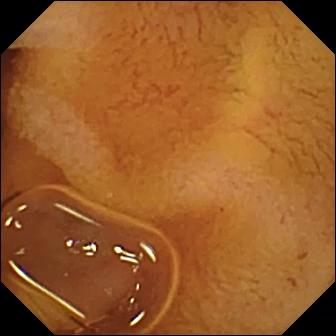modality: capsule endoscopy
observation: normal clean mucosa